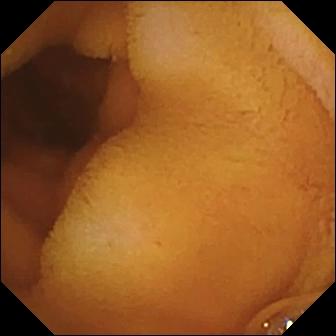Normal clean mucosa — small-bowel capsule endoscopy image of the small bowel.